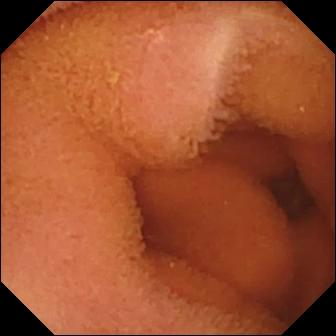WCE — normal clean mucosa.